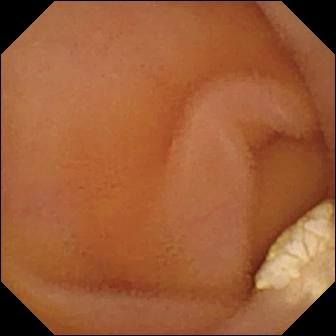This VCE snapshot shows lymphangiectasia.